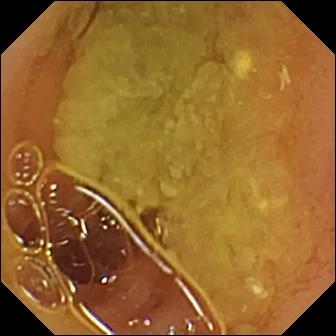Capsule endoscopy frame. Normal clean mucosa.